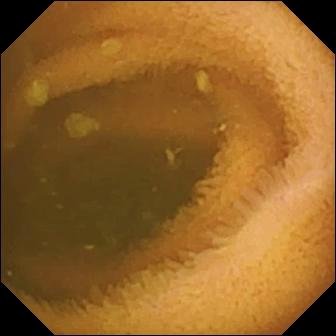{"modality": "wireless capsule endoscopy", "segment": "small intestine", "category": "luminal finding", "finding": "normal clean mucosa"}